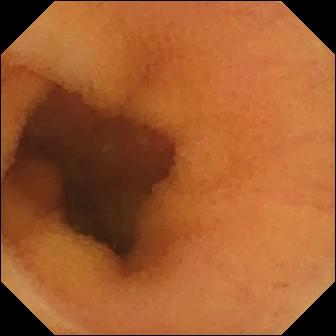Q: What does this WCE image of the small intestine show?
A: Normal clean mucosa.